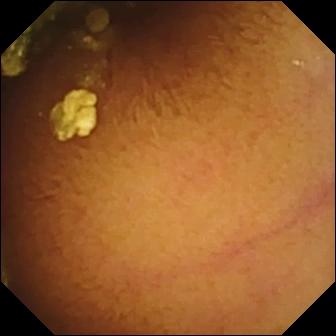Wireless capsule endoscopy — normal clean mucosa.